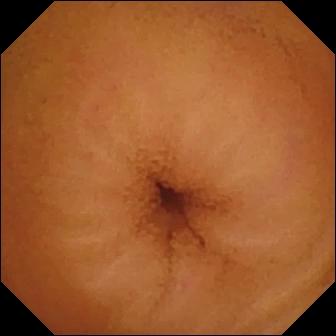WCE view. Normal clean mucosa.